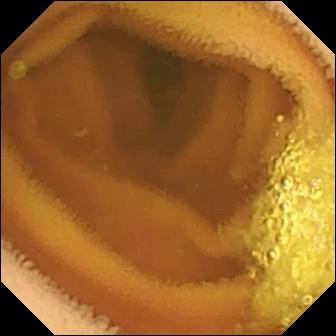- modality: video capsule endoscopy
- segment: small bowel
- impression: normal clean mucosa